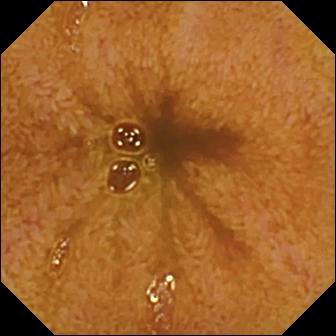{"modality": "WCE", "label": "ileo-cecal valve region (where the capsule passes from the small bowel into the large bowel)"}